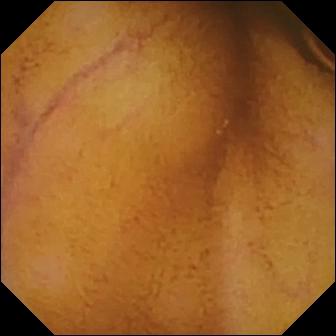Capsule endoscopy — normal clean mucosa.